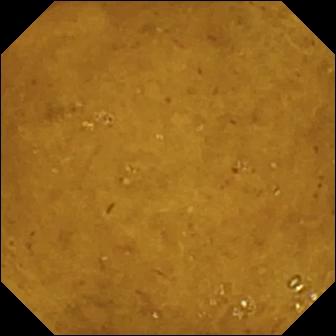Q: Where in the digestive tract was this capsule endoscopy image taken?
A: Ileo-cecal valve region (where the capsule passes from the small bowel into the large bowel).